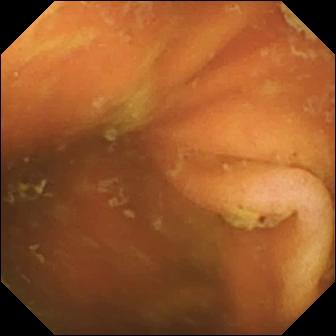Small-bowel capsule endoscopy. Label: ileo-cecal valve region (the transition from the small bowel to the large bowel).